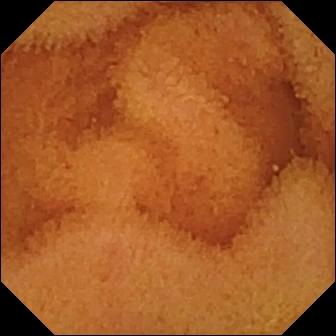PROCEDURE: Small-bowel capsule endoscopy.
FINDINGS: Normal clean mucosa.